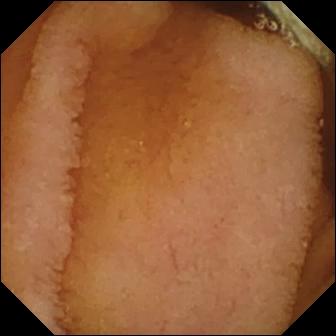WCE still showing normal clean mucosa.